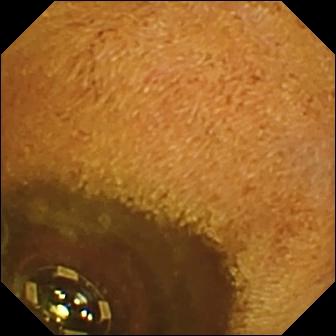- modality: video capsule endoscopy
- observation: foreign body (e.g. retained capsule, tablet residue)